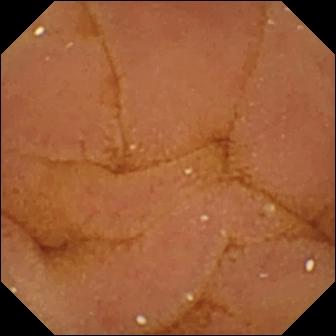PROCEDURE: Wireless capsule endoscopy.
SEGMENT: Small intestine.
FINDINGS: Normal clean mucosa.